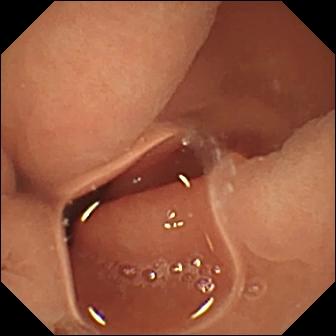Video capsule endoscopy. Luminal finding. Label: normal clean mucosa.